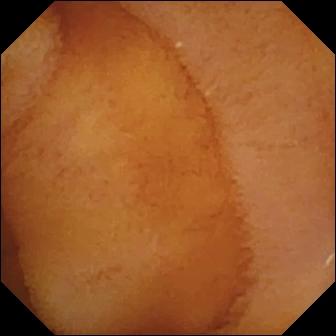- modality: capsule endoscopy
- segment: small intestine
- observation: normal clean mucosa